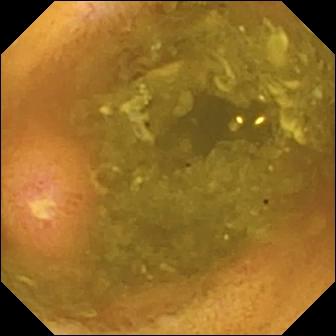Video capsule endoscopy. Finding: ulcer.